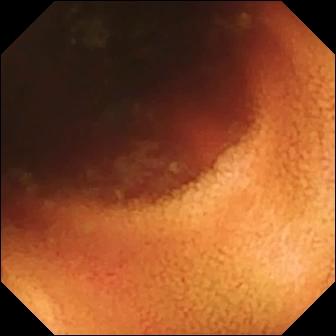Q: Where in the digestive tract was this wireless capsule endoscopy image taken?
A: Ileo-cecal valve region.